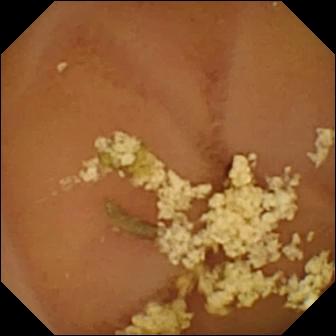Capsule endoscopy. Small bowel. Observation: normal clean mucosa.